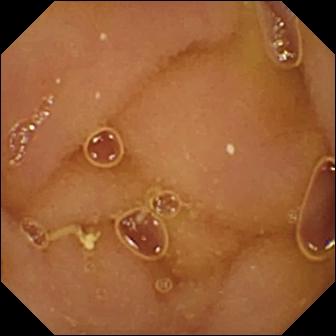WCE. Small bowel. Luminal finding. Observation: normal clean mucosa.